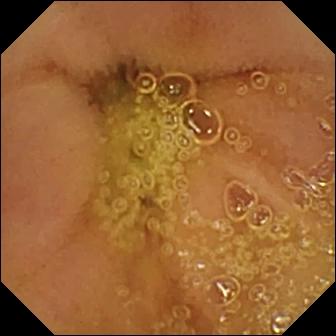Capsule endoscopy snapshot showing normal clean mucosa.